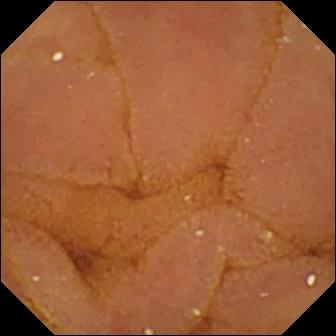WCE image of the small bowel showing normal clean mucosa.